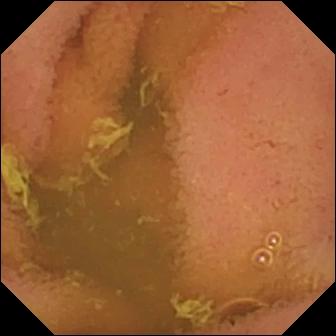{"modality": "WCE", "category": "luminal finding", "finding": "normal clean mucosa"}